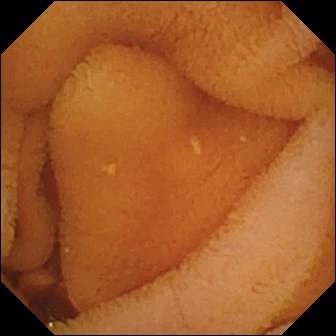- modality: wireless capsule endoscopy
- category: luminal finding
- finding: normal clean mucosa